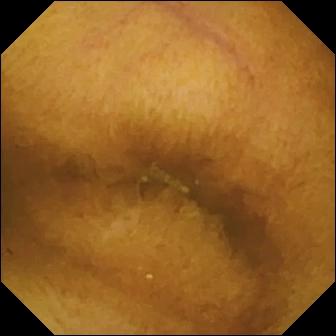Capsule endoscopy image
Finding: normal clean mucosa